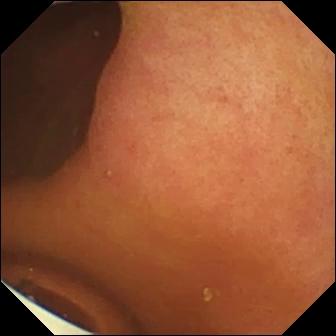- modality: small-bowel capsule endoscopy
- label: foreign body (e.g. retained capsule, tablet residue)